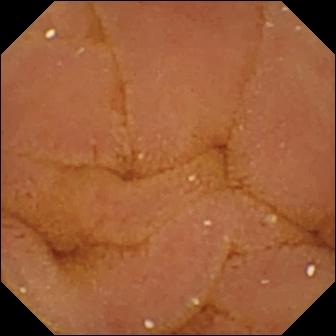PROCEDURE: Small-bowel capsule endoscopy.
SEGMENT: Small intestine.
FINDINGS: Normal clean mucosa.